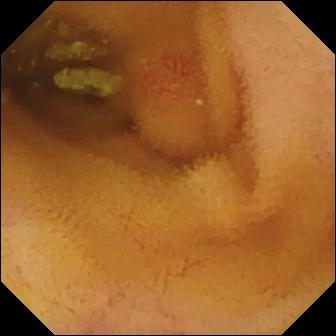Video capsule endoscopy image. Angiectasia.